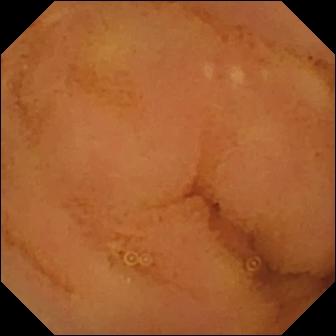Normal clean mucosa — video capsule endoscopy frame of the small intestine.